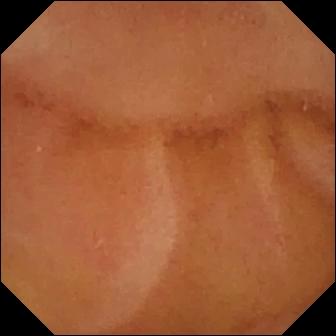- modality: small-bowel capsule endoscopy
- segment: small intestine
- observation: normal clean mucosa